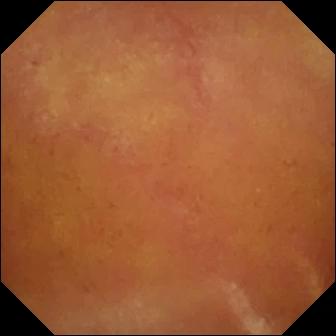Capsule endoscopy image
Impression: normal clean mucosa